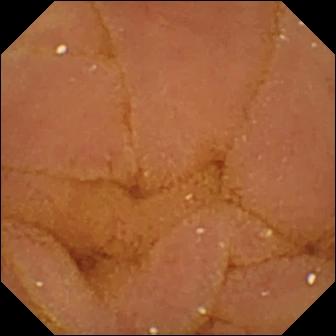- modality: VCE
- segment: small bowel
- observation: normal clean mucosa